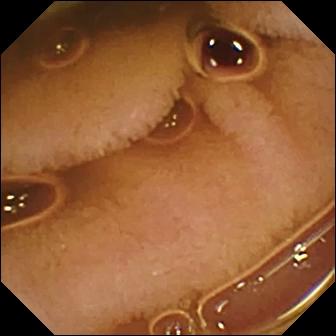Capsule endoscopy still of the small bowel showing normal clean mucosa.